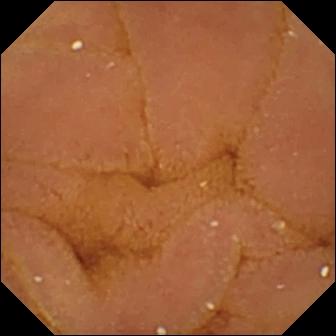This VCE view of the small intestine shows normal clean mucosa.